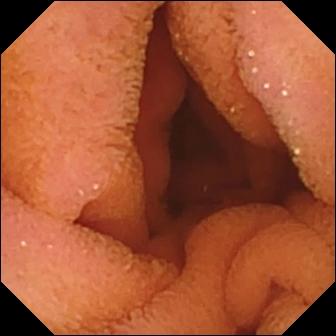WCE frame
Observation: normal clean mucosa